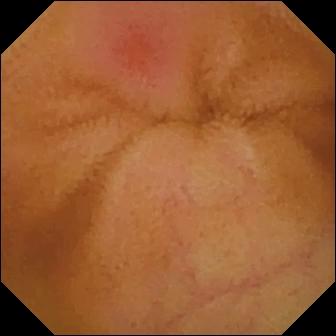- modality: VCE
- impression: erythema (mucosal redness)